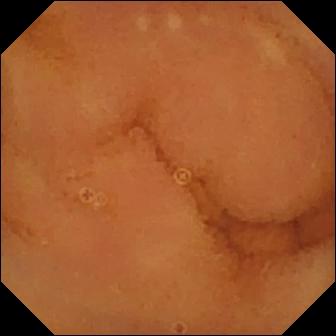Wireless capsule endoscopy view (small bowel). Normal clean mucosa.